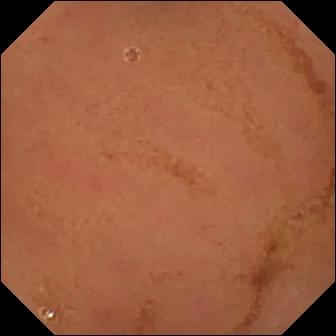Capsule endoscopy snapshot (small intestine). Normal clean mucosa.